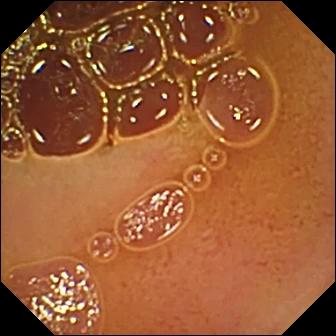modality: video capsule endoscopy
finding: normal clean mucosa